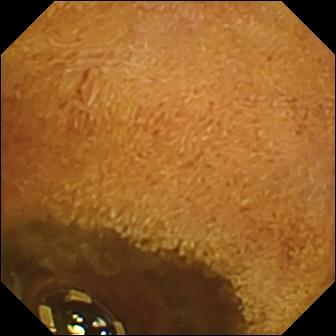Video capsule endoscopy. Impression: foreign body (e.g. retained capsule, tablet residue).